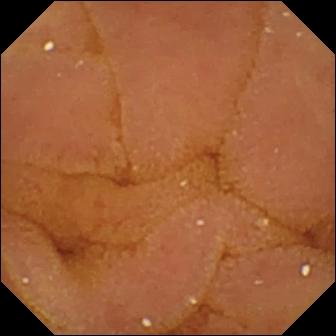Video capsule endoscopy image, small intestine
Finding: normal clean mucosa